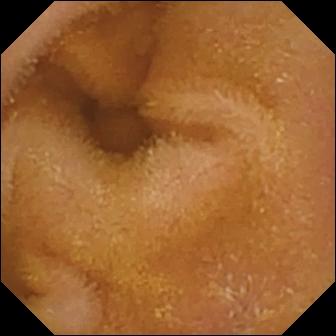Normal clean mucosa.